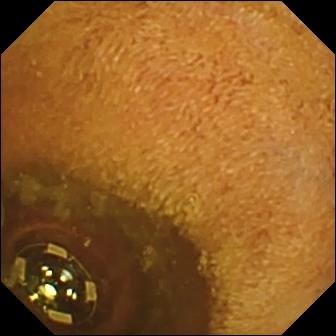Small-bowel capsule endoscopy — foreign body (e.g. retained capsule, tablet residue).